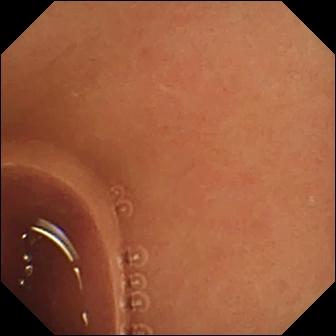Small-bowel capsule endoscopy — normal clean mucosa.